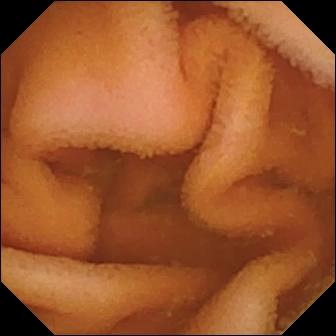Wireless capsule endoscopy. Small intestine. Impression: normal clean mucosa.